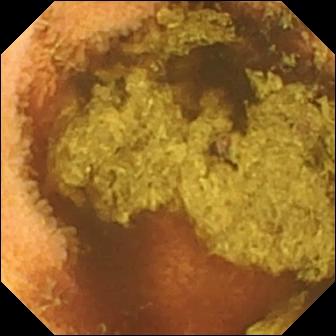Normal clean mucosa (336×336).